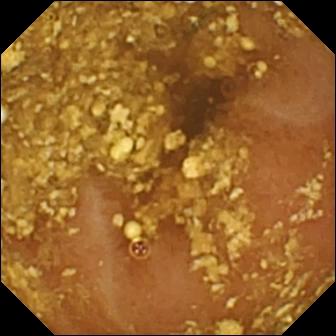This capsule endoscopy view of the small intestine shows reduced mucosal view (content or bubbles obscuring the mucosa).